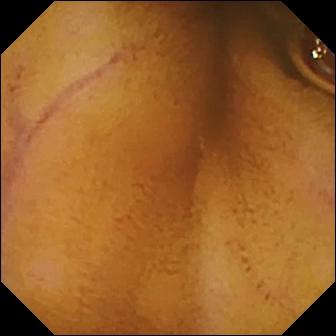Capsule endoscopy. Luminal finding. Finding: normal clean mucosa.